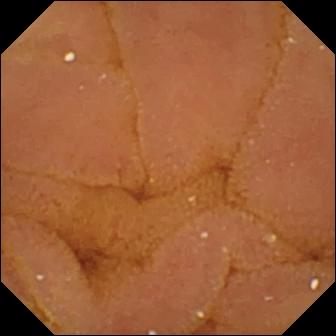Video capsule endoscopy. Small bowel. Observation: normal clean mucosa.